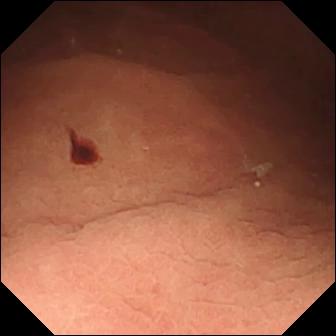Small-bowel capsule endoscopy. Luminal finding. Finding: angiectasia.